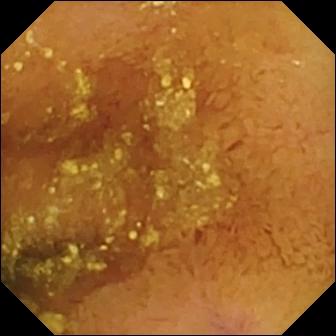Normal clean mucosa.